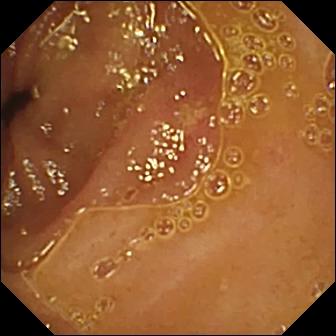Ulcer — wireless capsule endoscopy image.